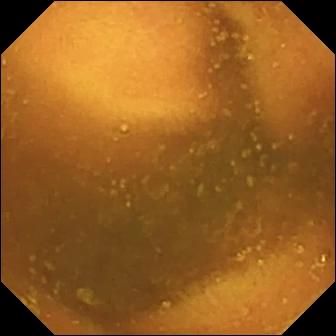Wireless capsule endoscopy frame
Observation: normal clean mucosa